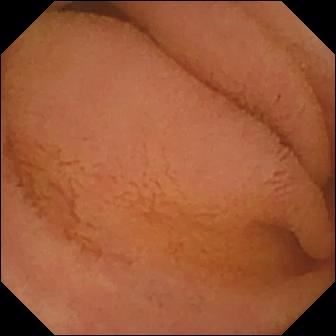VCE image
Observation: normal clean mucosa